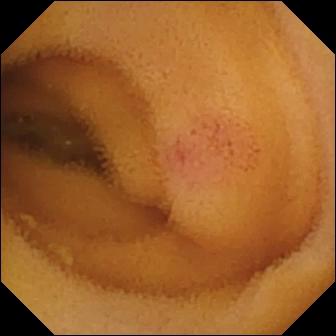WCE frame showing angiectasia.